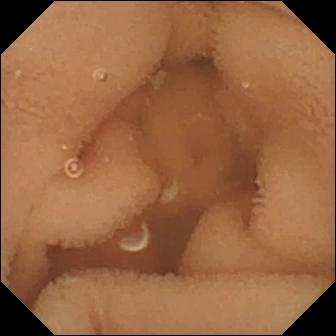VCE — normal clean mucosa.